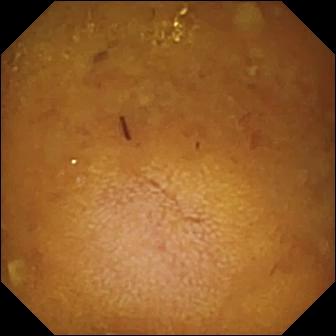WCE. Small intestine. Label: reduced mucosal view (content or bubbles obscuring the mucosa).